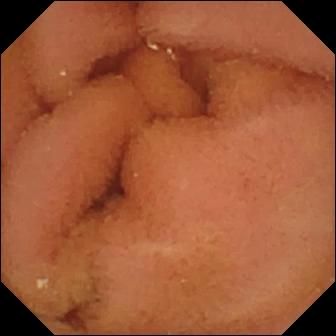modality: video capsule endoscopy; segment: small intestine; finding: normal clean mucosa